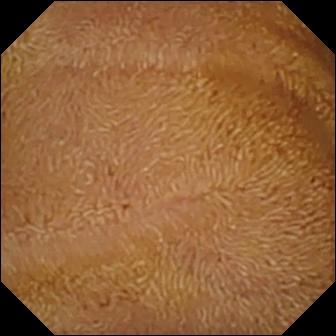VCE view showing normal clean mucosa.